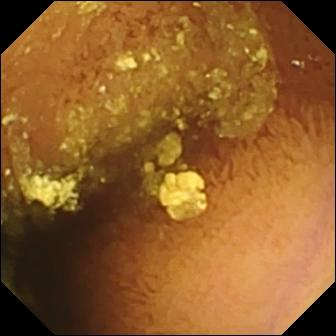Video capsule endoscopy still, small bowel
Observation: normal clean mucosa